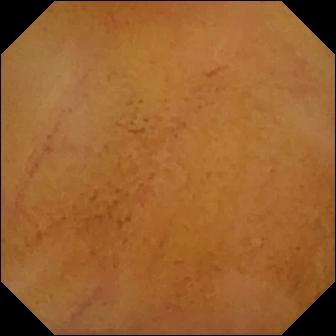modality: WCE; label: normal clean mucosa